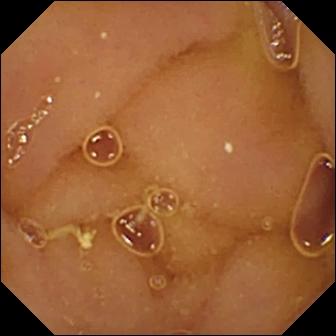Capsule endoscopy snapshot (small bowel). Normal clean mucosa.